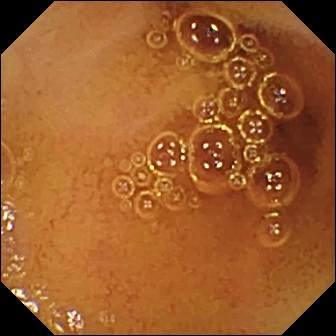{"modality": "WCE", "segment": "small bowel", "category": "luminal finding", "finding": "normal clean mucosa"}